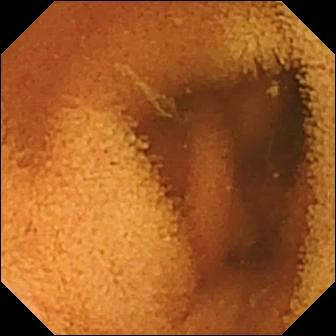modality: WCE | category: luminal finding | label: normal clean mucosa